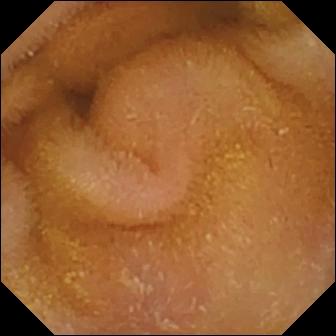- modality: WCE
- observation: normal clean mucosa